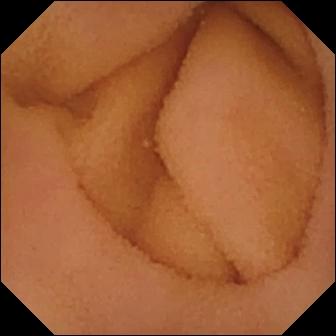WCE frame of the small bowel showing normal clean mucosa.